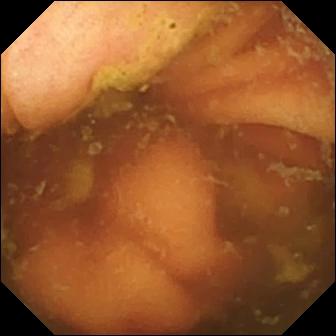- modality: VCE
- label: ileo-cecal valve region (where the capsule passes from the small bowel into the large bowel)